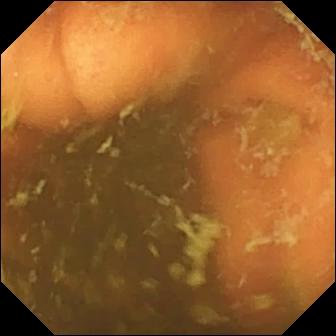WCE — ileo-cecal valve region.